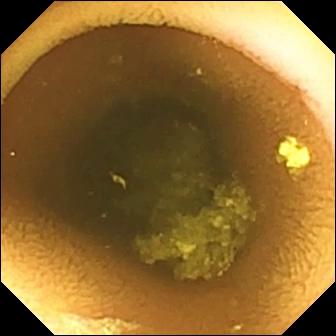{"modality": "wireless capsule endoscopy", "category": "luminal finding", "finding": "normal clean mucosa"}